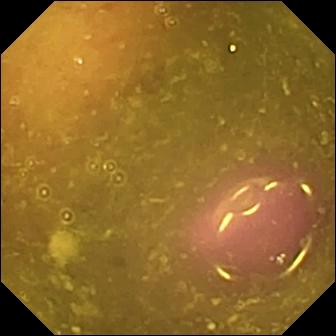This small-bowel capsule endoscopy still shows reduced mucosal view (content or bubbles obscuring the mucosa).